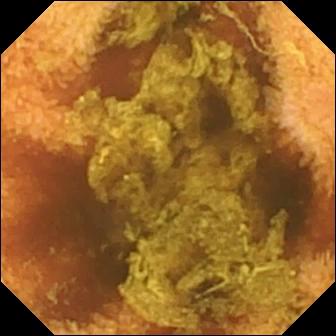Small-bowel capsule endoscopy. Small intestine. Luminal finding. Impression: normal clean mucosa.